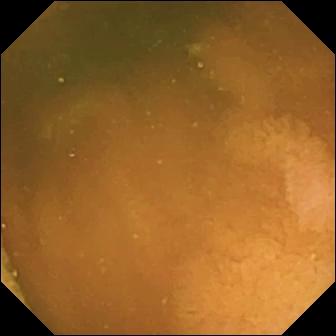Normal clean mucosa (336×336).